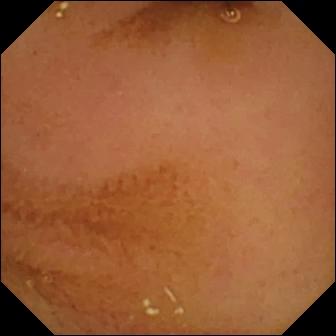Normal clean mucosa.